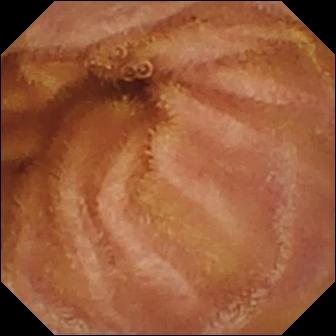{"modality": "small-bowel capsule endoscopy", "segment": "small intestine", "finding": "normal clean mucosa"}